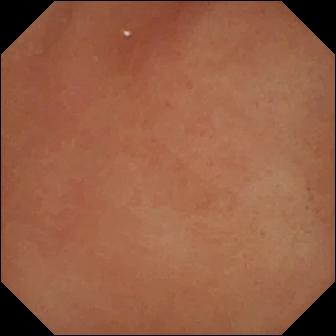{"modality": "capsule endoscopy", "category": "anatomical landmark", "label": "pylorus region (the junction between the stomach and the small bowel)"}